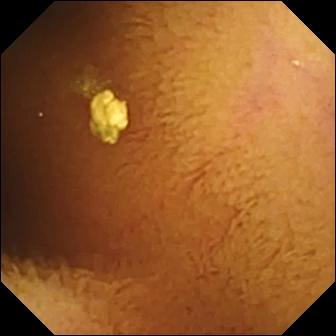- modality: video capsule endoscopy
- impression: normal clean mucosa